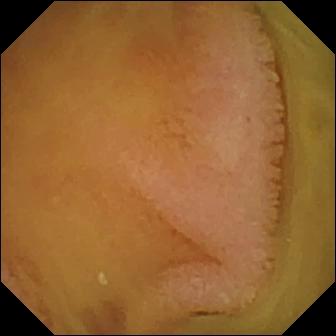Wireless capsule endoscopy snapshot of the small intestine showing normal clean mucosa.